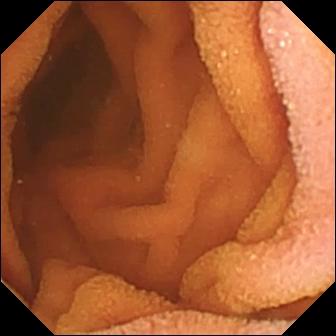- modality: VCE
- segment: small intestine
- category: luminal finding
- impression: normal clean mucosa